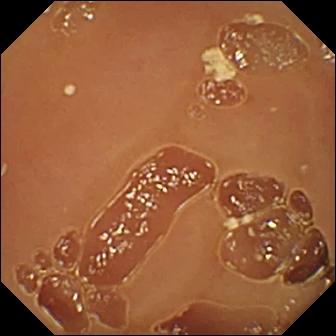Normal clean mucosa.